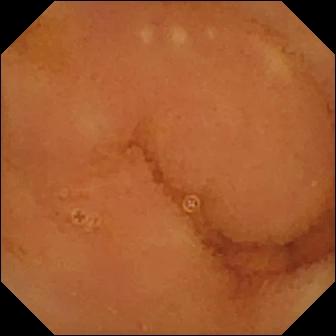WCE. Finding: normal clean mucosa.